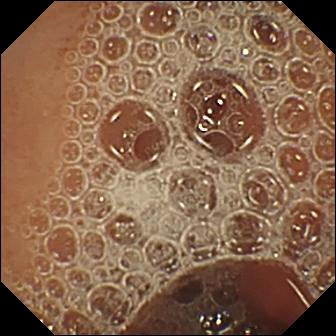Capsule endoscopy. Impression: normal clean mucosa.